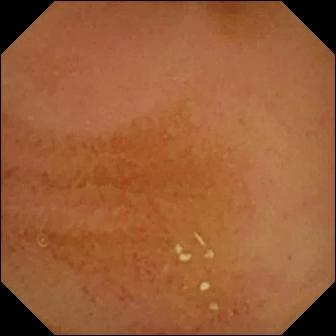modality: small-bowel capsule endoscopy | segment: small intestine | finding: normal clean mucosa